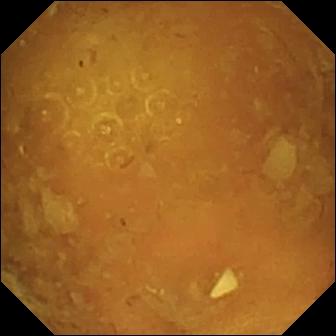VCE. Impression: reduced mucosal view (content or bubbles obscuring the mucosa).